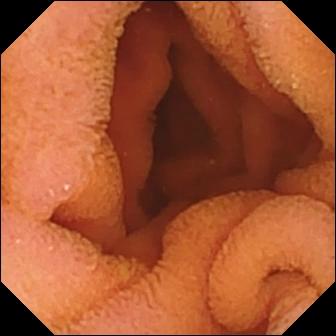PROCEDURE: Small-bowel capsule endoscopy.
SEGMENT: Small bowel.
FINDINGS: Normal clean mucosa.